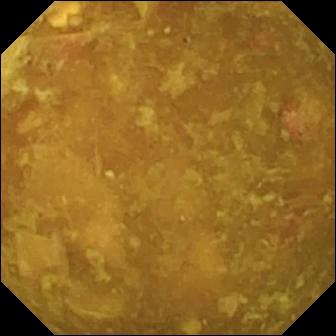VCE. Small bowel. Observation: reduced mucosal view (content or bubbles obscuring the mucosa).